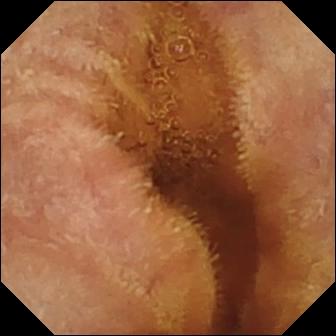Normal clean mucosa.